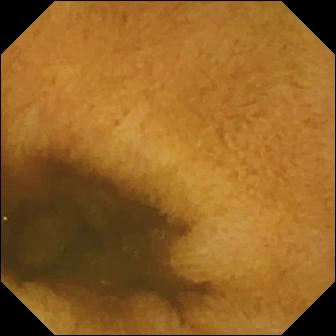{"modality": "wireless capsule endoscopy", "segment": "small intestine", "category": "luminal finding", "finding": "normal clean mucosa"}